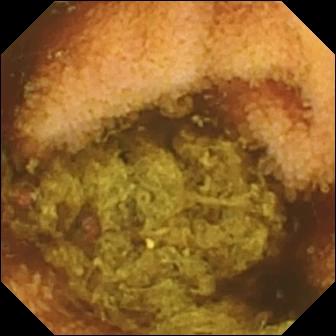Video capsule endoscopy — normal clean mucosa.